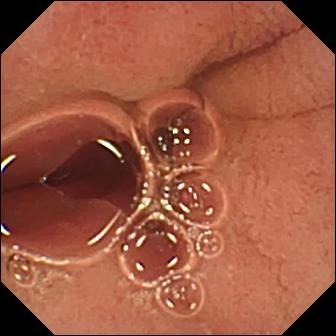Q: Where in the digestive tract was this wireless capsule endoscopy still taken?
A: Pylorus region (the junction between the stomach and the small bowel).